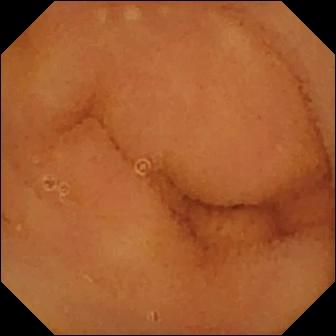PROCEDURE: VCE.
FINDINGS: Normal clean mucosa.